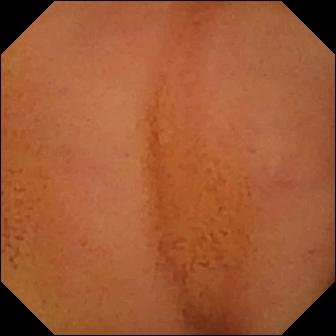{"modality": "wireless capsule endoscopy", "segment": "small intestine", "finding": "normal clean mucosa"}